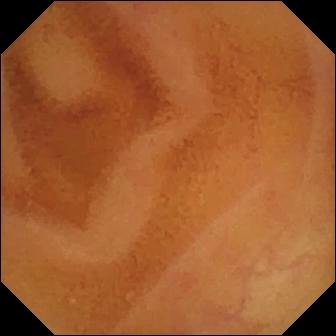{"modality": "wireless capsule endoscopy", "segment": "small bowel", "finding": "normal clean mucosa"}